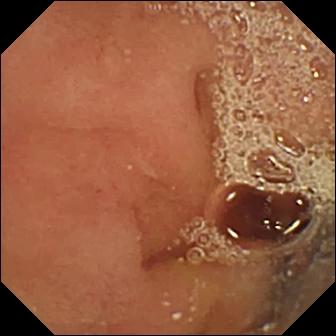PROCEDURE: WCE.
LOCATION: Pylorus region (where the capsule passes from the stomach into the small bowel).